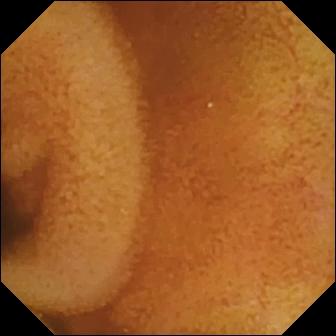Normal clean mucosa.